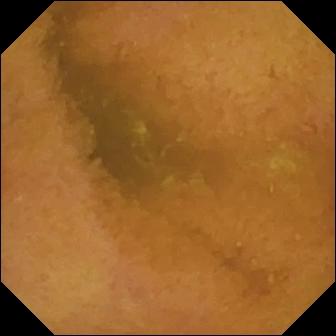Video capsule endoscopy still, 336×336. Normal clean mucosa.